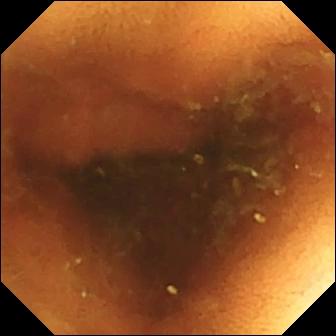Normal clean mucosa.